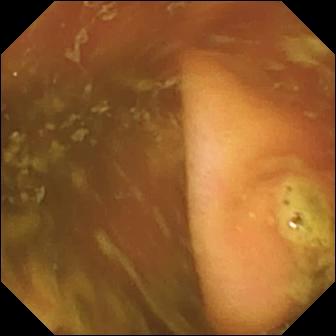Capsule endoscopy snapshot
Position: ileo-cecal valve region (the transition from the small bowel to the large bowel)